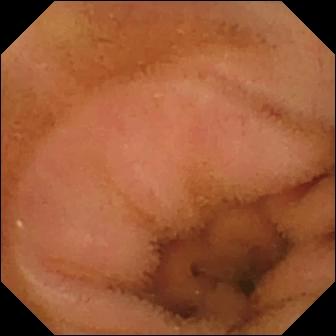{"modality": "video capsule endoscopy", "category": "luminal finding", "finding": "normal clean mucosa"}